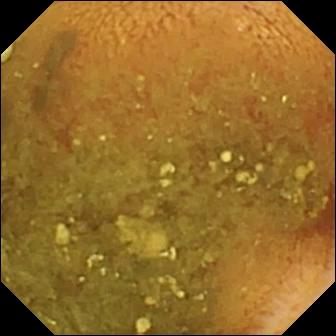Small-bowel capsule endoscopy frame showing reduced mucosal view (content or bubbles obscuring the mucosa).